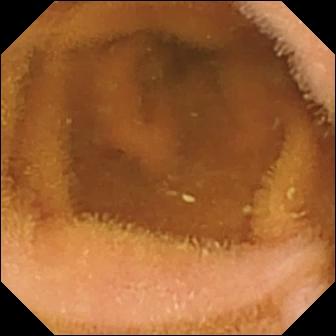- modality: small-bowel capsule endoscopy
- segment: small bowel
- impression: normal clean mucosa